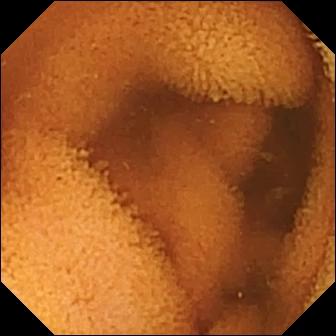modality: VCE
segment: small bowel
impression: normal clean mucosa